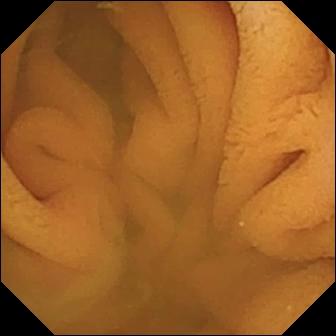Q: What does this wireless capsule endoscopy still show?
A: Normal clean mucosa.